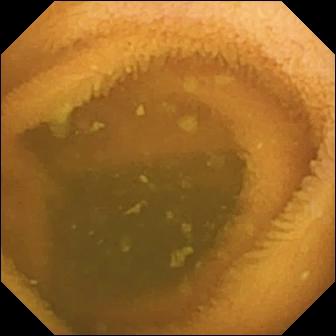Wireless capsule endoscopy still, small bowel
Impression: normal clean mucosa